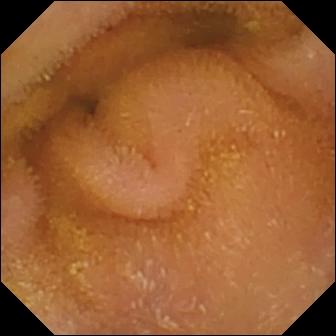Wireless capsule endoscopy. Small bowel. Observation: normal clean mucosa.